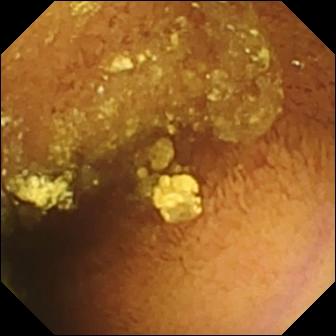Normal clean mucosa — video capsule endoscopy snapshot.